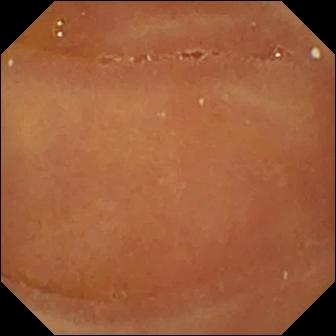Q: What does this wireless capsule endoscopy image of the small intestine show?
A: Normal clean mucosa.